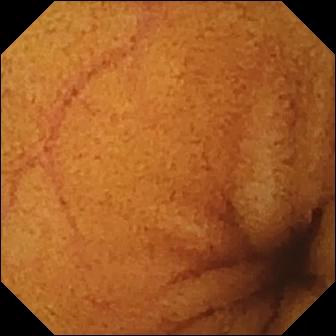WCE. Small intestine. Impression: normal clean mucosa.